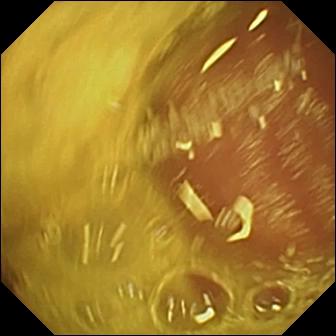{"modality": "WCE", "segment": "small intestine", "finding": "normal clean mucosa"}